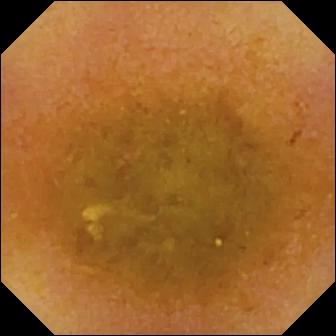This wireless capsule endoscopy snapshot shows reduced mucosal view (content or bubbles obscuring the mucosa).